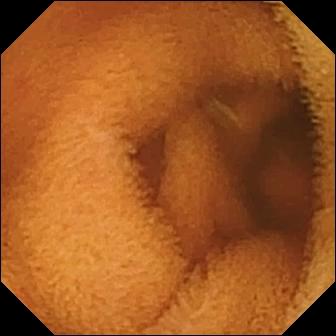modality: small-bowel capsule endoscopy
category: luminal finding
impression: normal clean mucosa